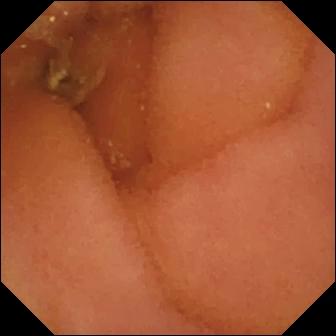Normal clean mucosa (336×336).